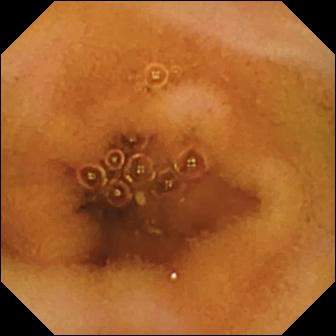{"modality": "VCE", "segment": "small bowel", "finding": "normal clean mucosa"}